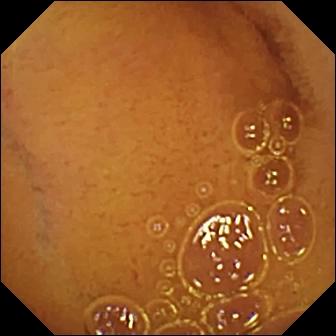Video capsule endoscopy — normal clean mucosa.